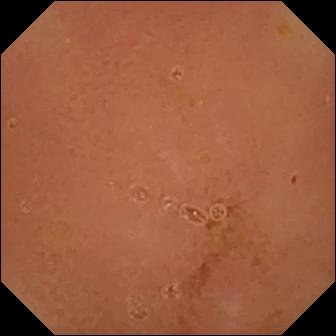Small-bowel capsule endoscopy image, small intestine
Label: normal clean mucosa